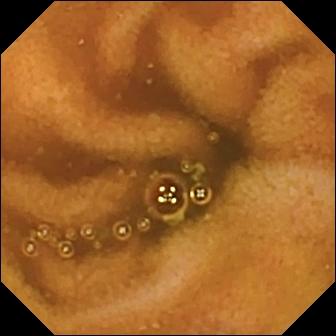modality: small-bowel capsule endoscopy
segment: small bowel
finding: normal clean mucosa